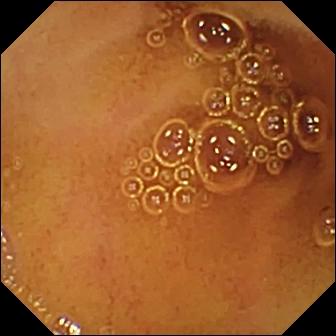WCE image (small intestine). Normal clean mucosa.